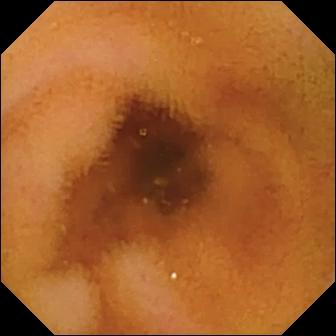- modality: small-bowel capsule endoscopy
- segment: small bowel
- category: luminal finding
- observation: normal clean mucosa